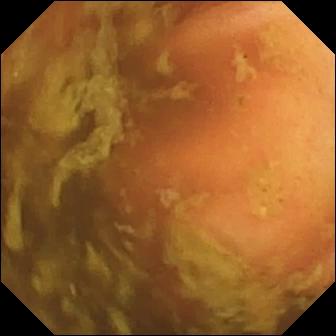modality: wireless capsule endoscopy
category: anatomical landmark
position: ileo-cecal valve region